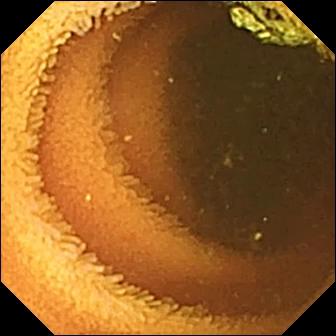PROCEDURE: WCE.
FINDINGS: Normal clean mucosa.